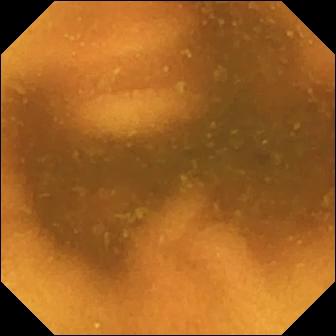WCE still (small bowel), 336×336. Normal clean mucosa.